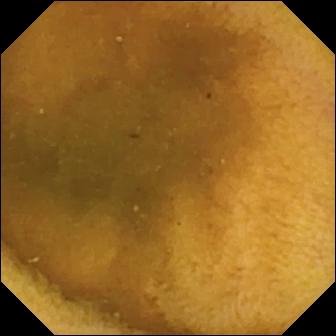Normal clean mucosa.